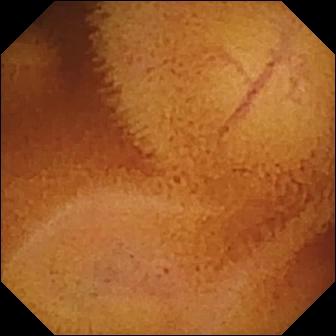Q: What does this video capsule endoscopy still show?
A: Normal clean mucosa.